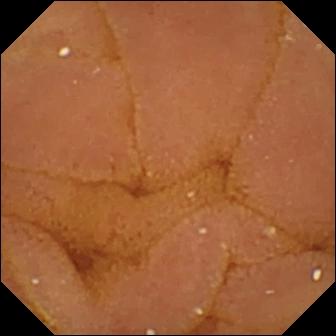Q: What does this WCE image show?
A: Normal clean mucosa.